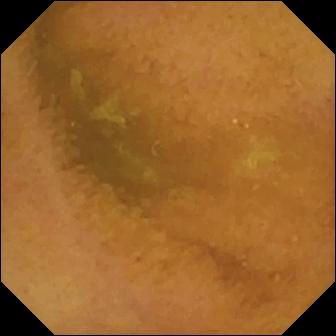WCE — normal clean mucosa.